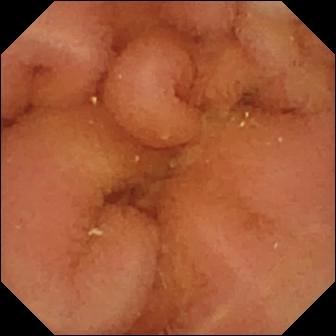Capsule endoscopy — normal clean mucosa.